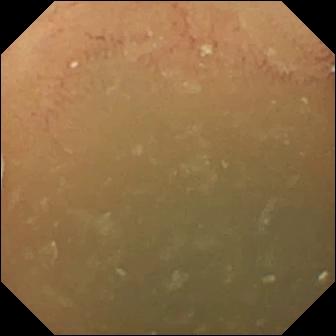Video capsule endoscopy view
Finding: normal clean mucosa